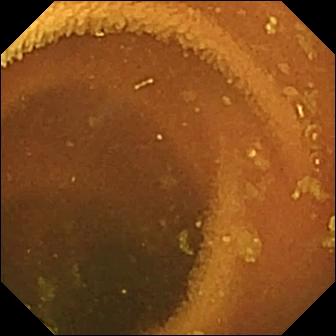Normal clean mucosa — small-bowel capsule endoscopy view of the small bowel.